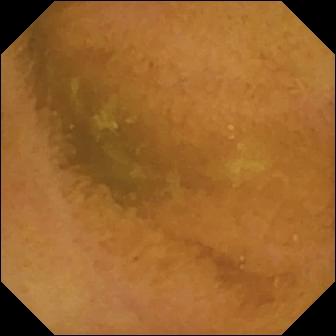- modality: capsule endoscopy
- segment: small bowel
- finding: normal clean mucosa